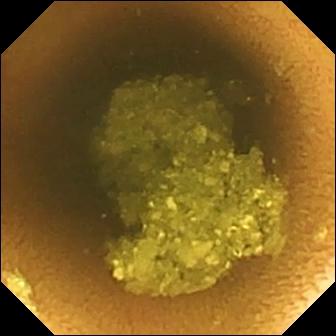Wireless capsule endoscopy view (small bowel), 336×336. Normal clean mucosa.